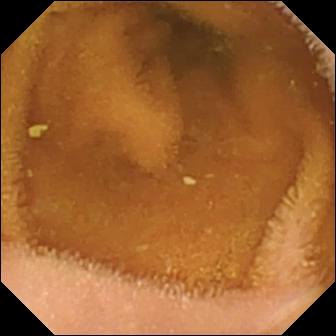Normal clean mucosa — wireless capsule endoscopy view.